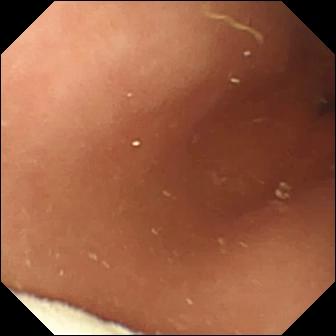Small-bowel capsule endoscopy frame. Foreign body (e.g. retained capsule, tablet residue).